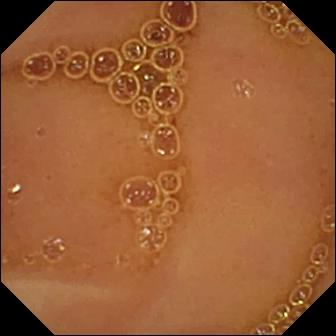Small-bowel capsule endoscopy snapshot (small bowel), 336×336. Normal clean mucosa.